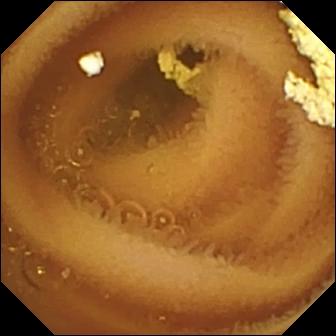Video capsule endoscopy snapshot
Label: normal clean mucosa